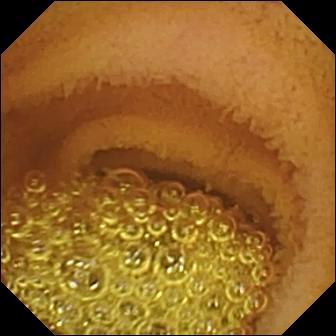modality: capsule endoscopy; segment: small bowel; category: luminal finding; impression: normal clean mucosa